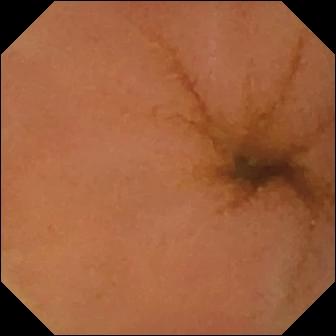Q: What does this video capsule endoscopy image show?
A: Normal clean mucosa.